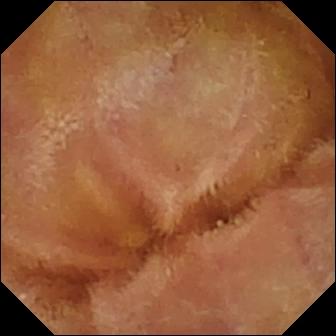VCE. Small bowel. Luminal finding. Observation: normal clean mucosa.